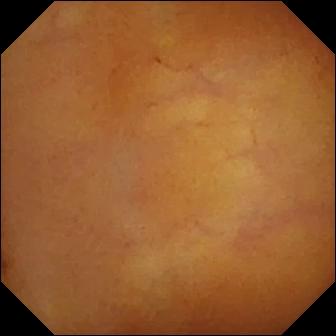WCE. Small bowel. Label: normal clean mucosa.